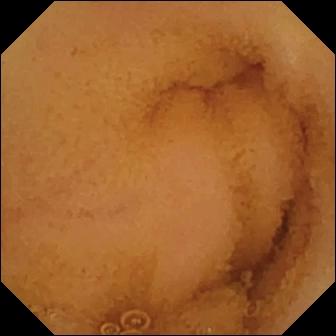Normal clean mucosa — capsule endoscopy still.